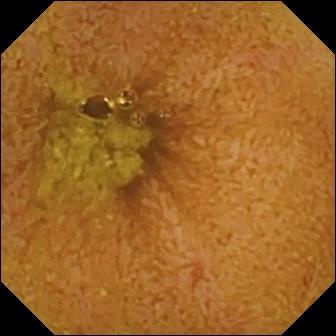modality: capsule endoscopy
label: ileo-cecal valve region (where the capsule passes from the small bowel into the large bowel)